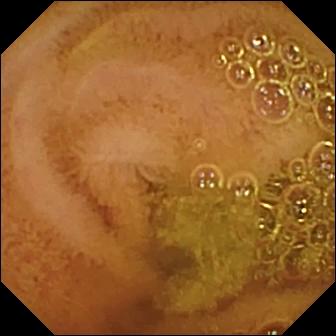WCE image
Finding: normal clean mucosa